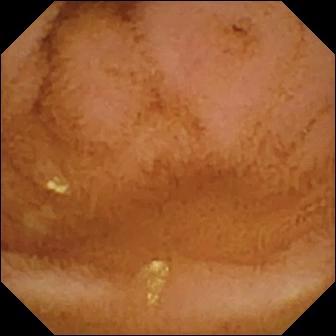Capsule endoscopy still showing normal clean mucosa.